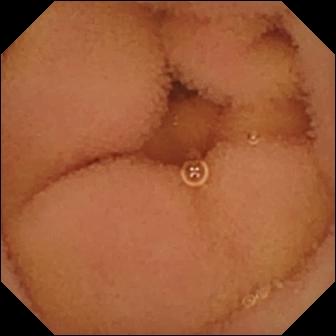Small-bowel capsule endoscopy still, 336×336. Normal clean mucosa.